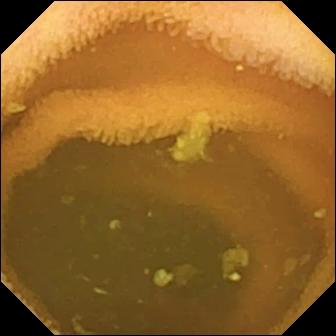Q: What does this WCE frame of the small intestine show?
A: Normal clean mucosa.